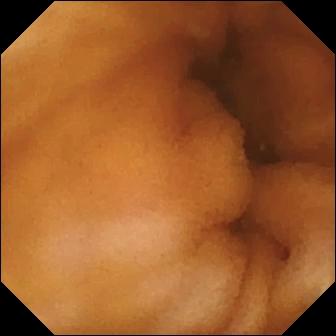Q: What does this capsule endoscopy snapshot show?
A: Normal clean mucosa.